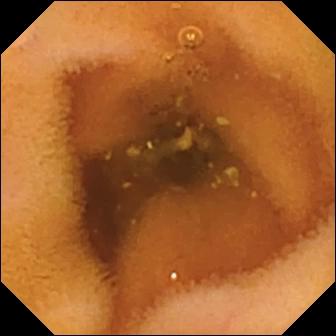PROCEDURE: VCE.
FINDINGS: Normal clean mucosa.